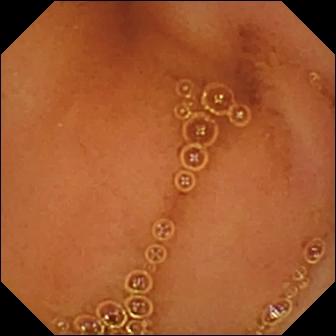modality: capsule endoscopy
segment: small bowel
finding: normal clean mucosa